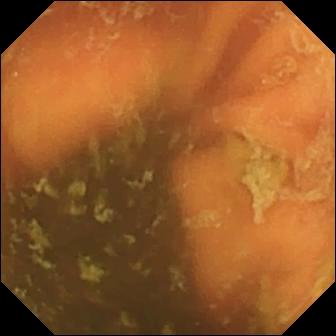Small-bowel capsule endoscopy — ileo-cecal valve region.